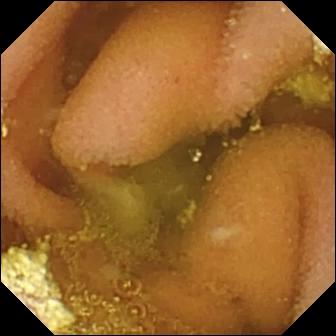Small-bowel capsule endoscopy still showing lymphangiectasia.